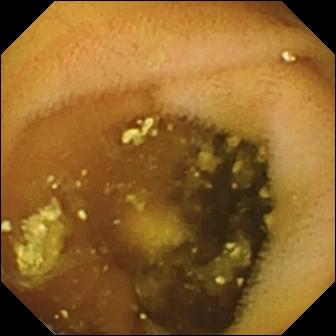Lymphangiectasia — video capsule endoscopy still.